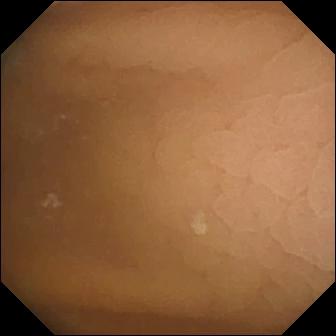Small-bowel capsule endoscopy still
Video segment: pylorus region (where the capsule passes from the stomach into the small bowel)